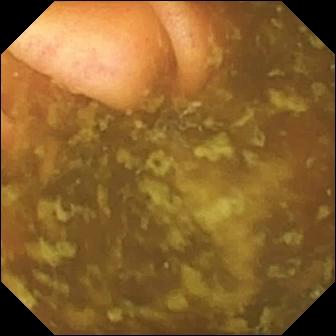- modality: small-bowel capsule endoscopy
- category: anatomical landmark
- location: ileo-cecal valve region